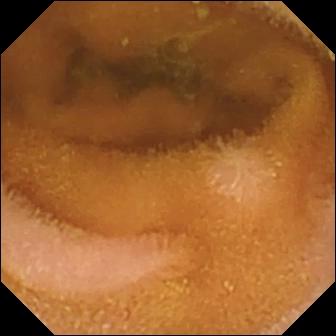Video capsule endoscopy frame, small bowel
Label: normal clean mucosa